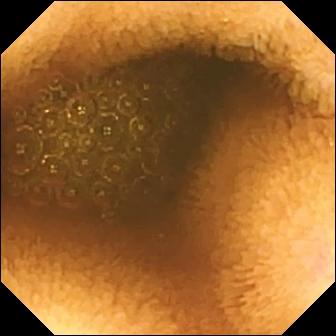Video capsule endoscopy frame showing reduced mucosal view (content or bubbles obscuring the mucosa).